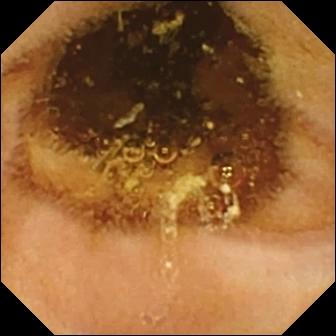This capsule endoscopy image of the small bowel shows normal clean mucosa.